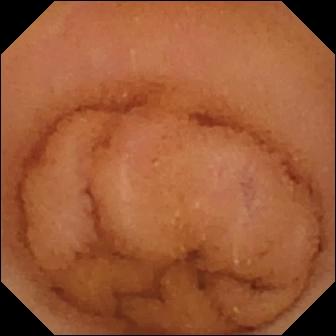Video capsule endoscopy. Impression: normal clean mucosa.